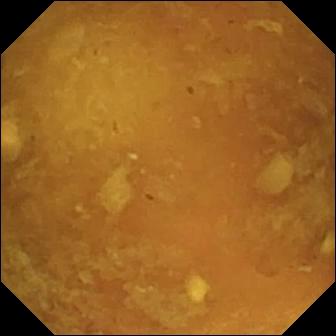Reduced mucosal view (content or bubbles obscuring the mucosa) — wireless capsule endoscopy snapshot of the small bowel.